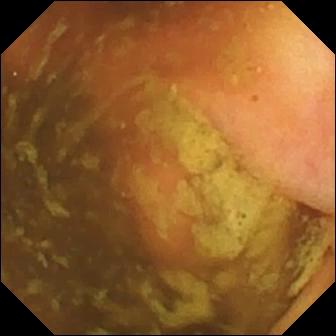- modality: wireless capsule endoscopy
- location: ileo-cecal valve region (where the capsule passes from the small bowel into the large bowel)